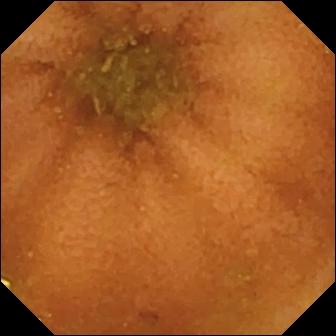Capsule endoscopy image (small intestine), 336×336. Normal clean mucosa.